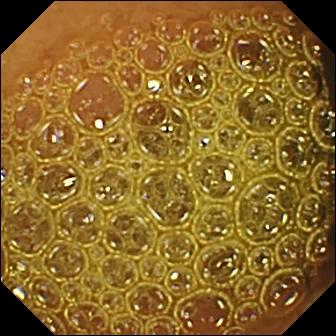Small-bowel capsule endoscopy image, small bowel
Observation: reduced mucosal view (content or bubbles obscuring the mucosa)